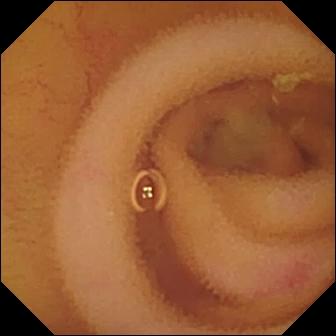{"modality": "small-bowel capsule endoscopy", "category": "luminal finding", "finding": "angiectasia"}